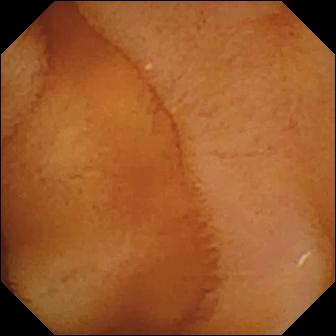Small-bowel capsule endoscopy frame
Impression: normal clean mucosa